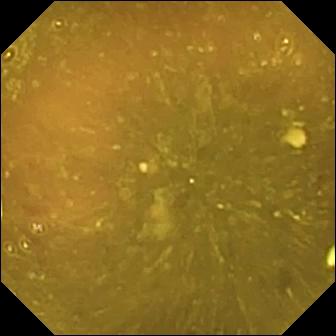Reduced mucosal view (content or bubbles obscuring the mucosa) (336×336).